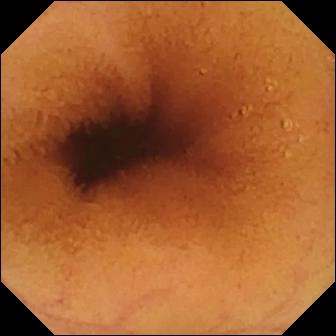Normal clean mucosa.